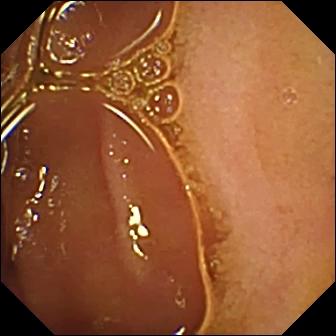Q: What does this capsule endoscopy snapshot of the small intestine show?
A: Normal clean mucosa.